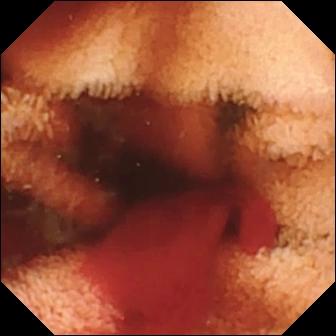Fresh blood in the lumen — capsule endoscopy snapshot.